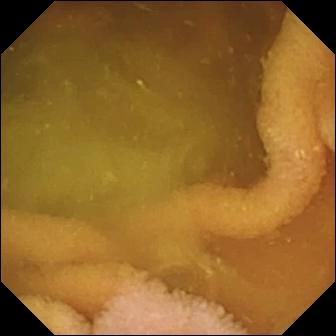Capsule endoscopy — normal clean mucosa.